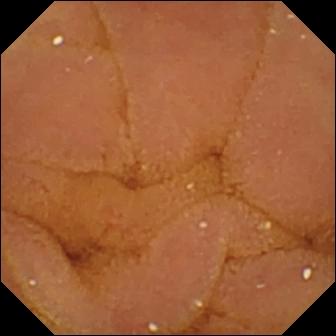Wireless capsule endoscopy frame, 336×336. Normal clean mucosa.